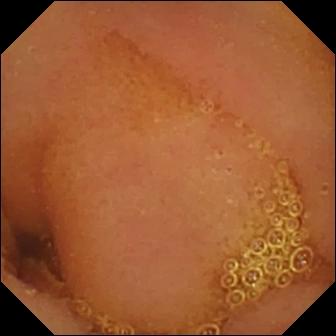Wireless capsule endoscopy — normal clean mucosa.